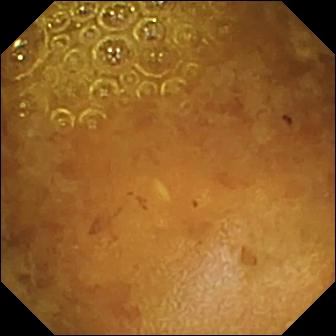Capsule endoscopy frame (small bowel). Reduced mucosal view (content or bubbles obscuring the mucosa).